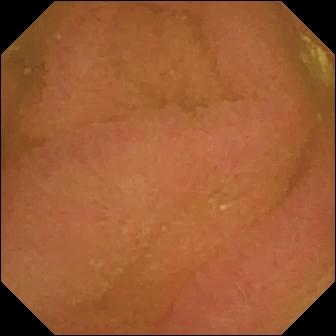modality: wireless capsule endoscopy
segment: small bowel
finding: normal clean mucosa